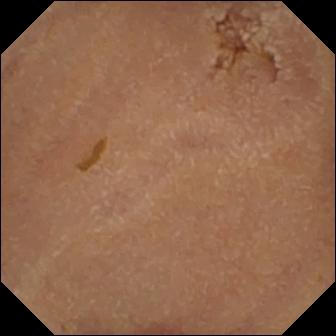VCE image of the small intestine showing normal clean mucosa.